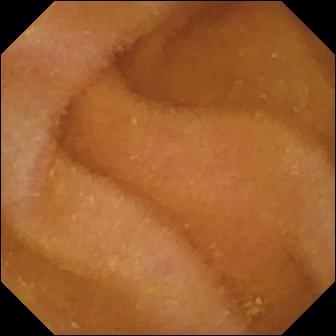Capsule endoscopy view, small bowel
Impression: normal clean mucosa